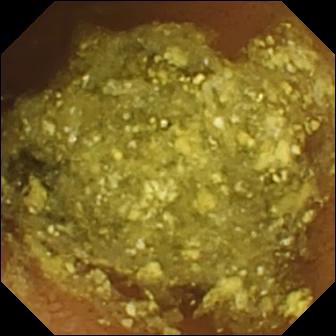- modality: VCE
- label: normal clean mucosa